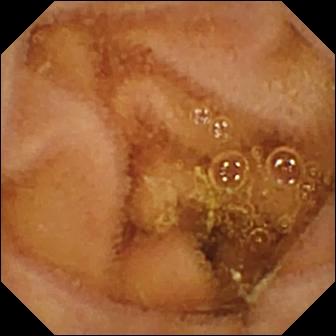This WCE frame shows normal clean mucosa.